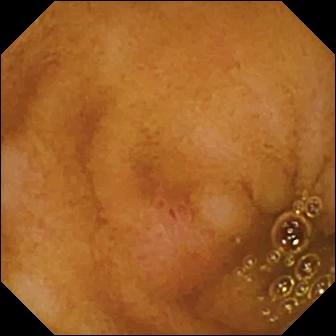{"modality": "WCE", "finding": "erosion"}